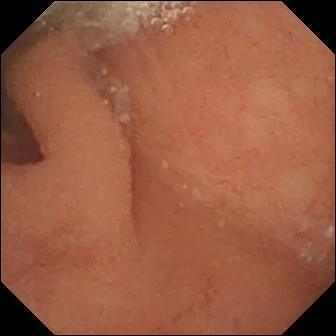Video capsule endoscopy frame (small intestine). Normal clean mucosa.